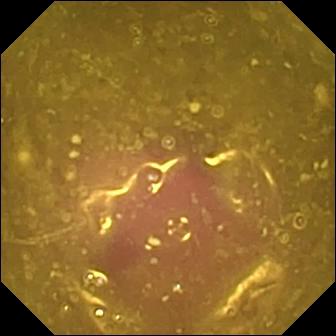Reduced mucosal view (content or bubbles obscuring the mucosa) — wireless capsule endoscopy frame.